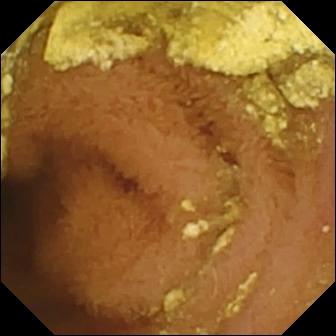modality: small-bowel capsule endoscopy; category: luminal finding; finding: normal clean mucosa